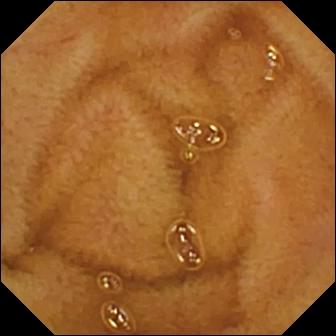PROCEDURE: WCE.
SEGMENT: Small bowel.
FINDINGS: Normal clean mucosa.